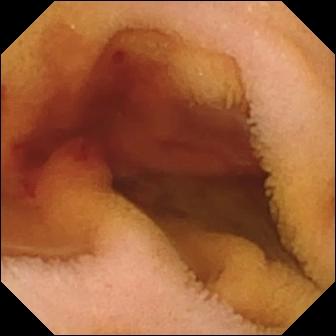VCE — fresh blood in the lumen.